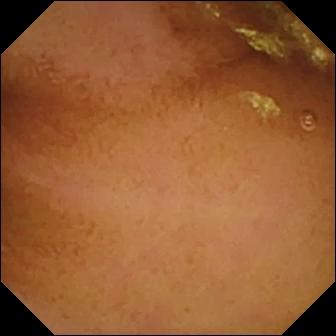Wireless capsule endoscopy still of the small bowel showing normal clean mucosa.